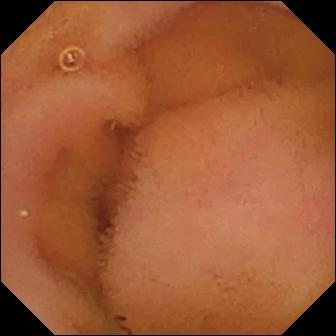modality: wireless capsule endoscopy | segment: small bowel | finding: normal clean mucosa